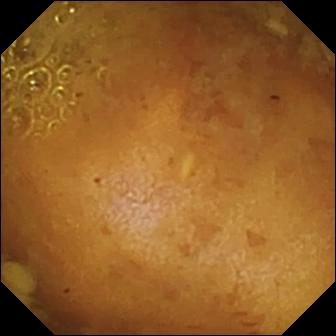PROCEDURE: WCE.
FINDINGS: Reduced mucosal view (content or bubbles obscuring the mucosa).